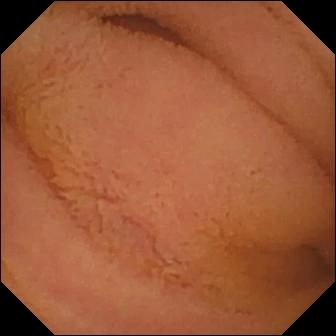Q: What does this small-bowel capsule endoscopy frame of the small bowel show?
A: Normal clean mucosa.